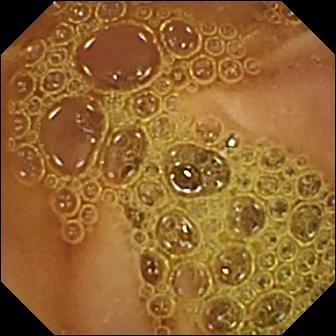Video capsule endoscopy view of the small intestine showing normal clean mucosa.